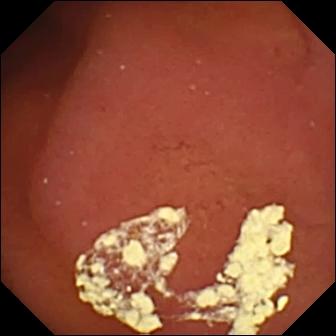Video capsule endoscopy. Near an anatomical landmark. Location: pylorus region (where the capsule passes from the stomach into the small bowel).